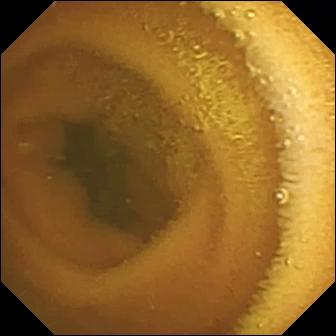- modality: VCE
- finding: normal clean mucosa